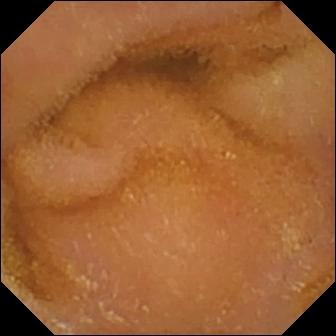This VCE snapshot shows normal clean mucosa.